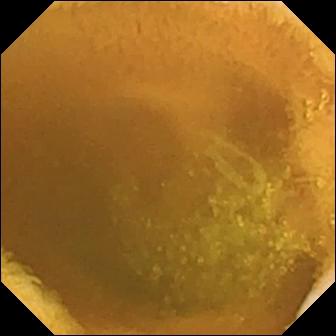Capsule endoscopy. Impression: normal clean mucosa.